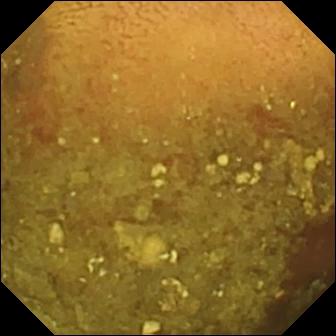modality: WCE | label: reduced mucosal view (content or bubbles obscuring the mucosa)